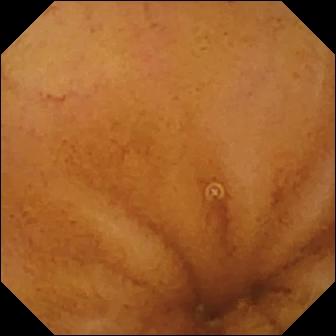- modality: VCE
- impression: normal clean mucosa